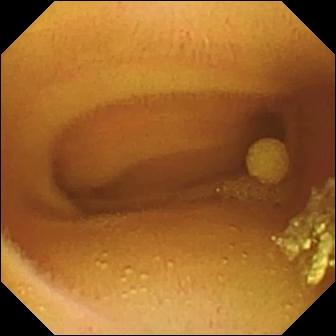VCE — lymphangiectasia.